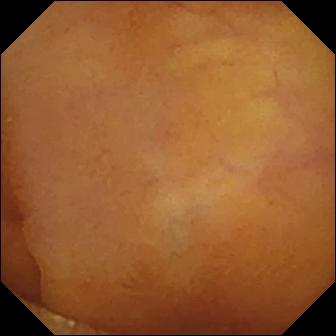PROCEDURE: Small-bowel capsule endoscopy.
SEGMENT: Small bowel.
FINDINGS: Normal clean mucosa.